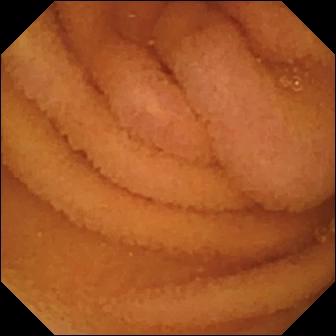Normal clean mucosa.